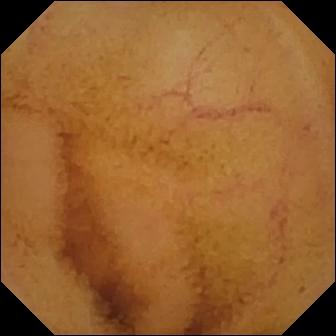Video capsule endoscopy still. Normal clean mucosa.